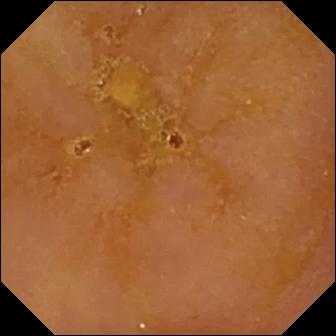{"modality": "small-bowel capsule endoscopy", "category": "luminal finding", "finding": "reduced mucosal view (content or bubbles obscuring the mucosa)"}